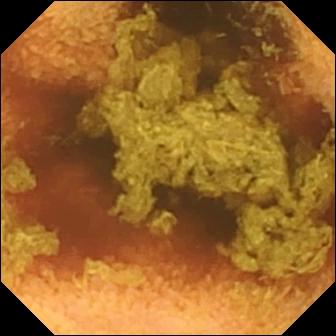modality: capsule endoscopy; segment: small intestine; impression: normal clean mucosa